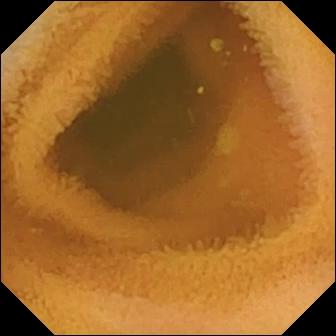This WCE view of the small intestine shows normal clean mucosa.